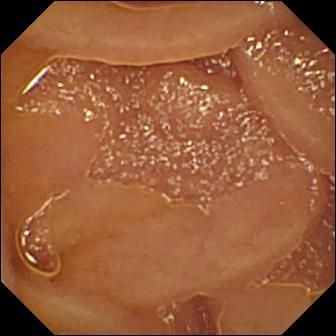Normal clean mucosa — capsule endoscopy view of the small intestine.